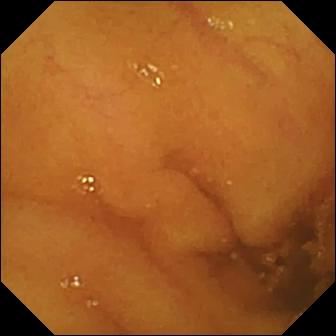Video capsule endoscopy frame, small intestine
Observation: normal clean mucosa